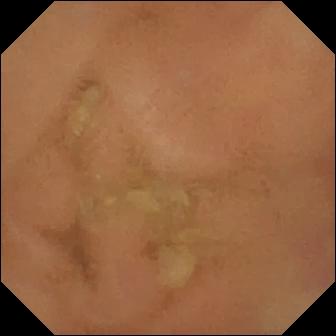WCE snapshot (small bowel). Normal clean mucosa.